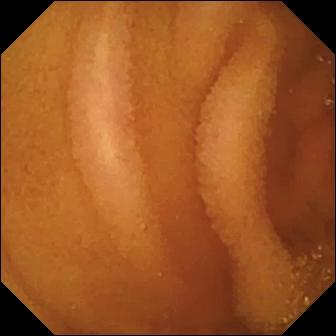{"modality": "WCE", "segment": "small bowel", "category": "luminal finding", "finding": "normal clean mucosa"}